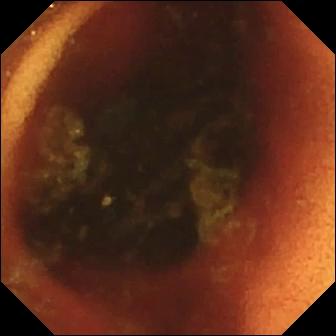Ileo-cecal valve region (the transition from the small bowel to the large bowel) — video capsule endoscopy snapshot.